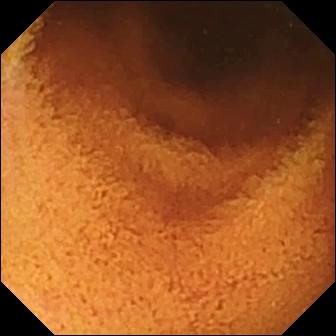WCE snapshot
Observation: normal clean mucosa